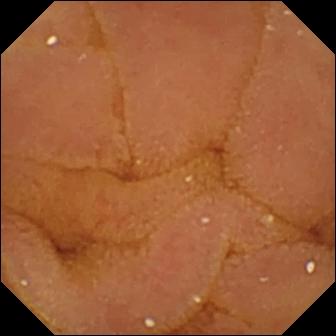- modality: small-bowel capsule endoscopy
- label: normal clean mucosa